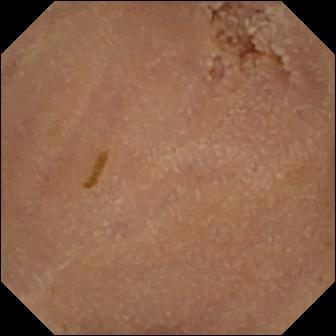modality: capsule endoscopy
segment: small intestine
category: luminal finding
finding: normal clean mucosa